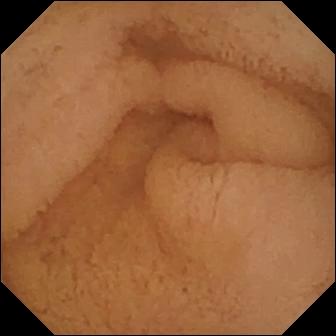- modality: video capsule endoscopy
- category: anatomical landmark
- label: pylorus region (the junction between the stomach and the small bowel)